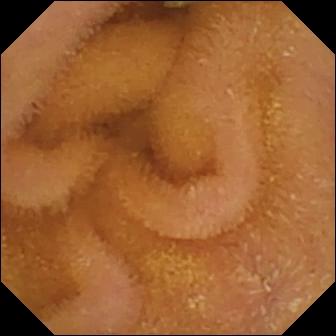Normal clean mucosa (336×336).